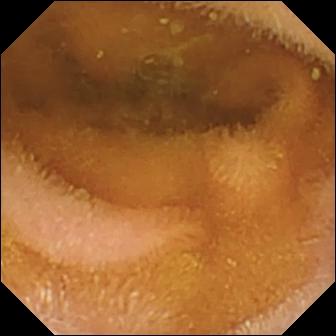Normal clean mucosa — wireless capsule endoscopy frame of the small intestine.